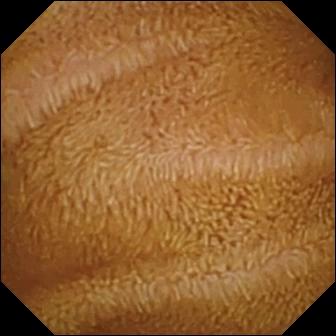WCE. Small bowel. Finding: normal clean mucosa.